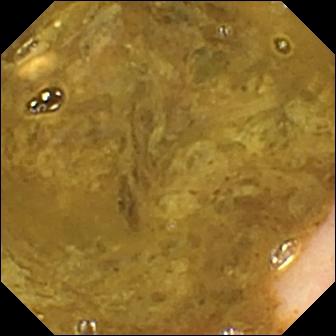Ileo-cecal valve region (the transition from the small bowel to the large bowel).